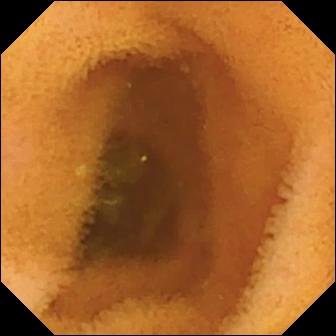Capsule endoscopy — normal clean mucosa.